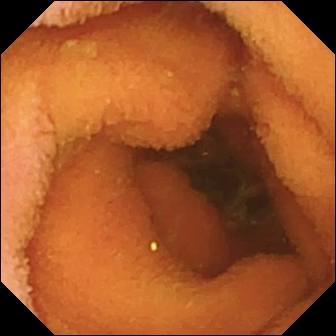modality: video capsule endoscopy | segment: small bowel | impression: normal clean mucosa